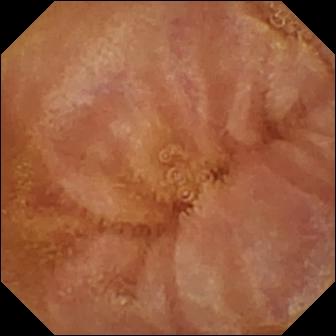Wireless capsule endoscopy. Finding: normal clean mucosa.